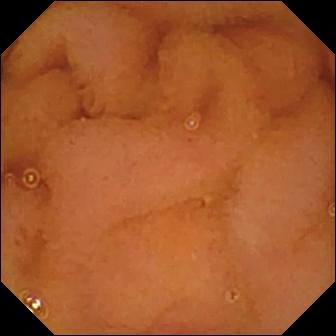This wireless capsule endoscopy frame of the small bowel shows normal clean mucosa.